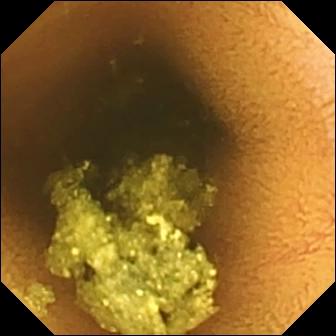- modality: WCE
- observation: normal clean mucosa